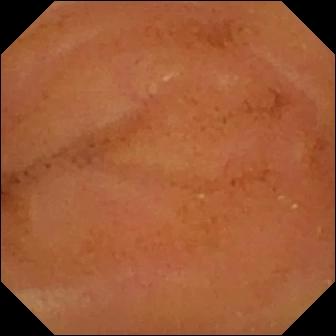Wireless capsule endoscopy view showing normal clean mucosa.